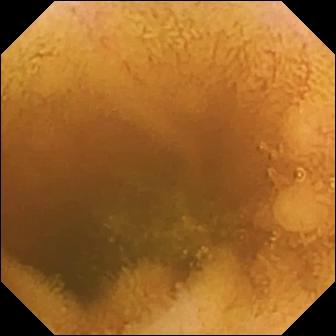WCE snapshot
Observation: normal clean mucosa